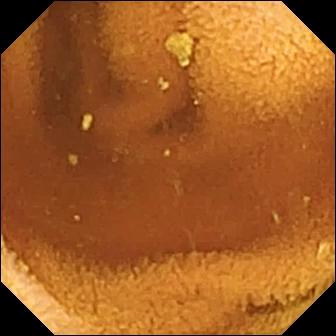{"modality": "VCE", "category": "luminal finding", "finding": "normal clean mucosa"}